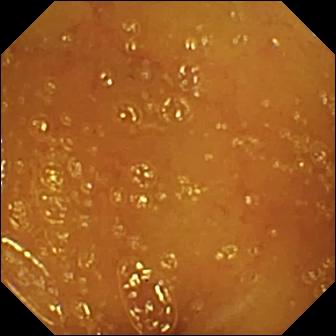{"modality": "capsule endoscopy", "category": "luminal finding", "finding": "normal clean mucosa"}